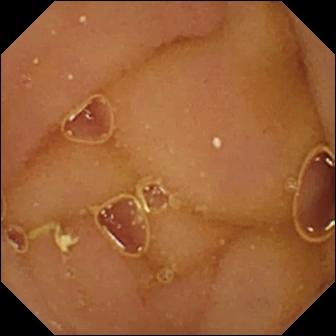This VCE image of the small bowel shows normal clean mucosa.